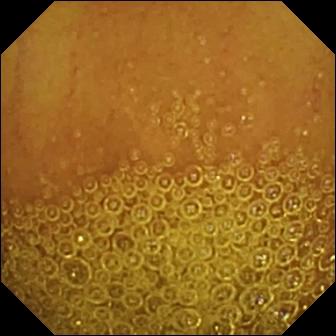Normal clean mucosa — video capsule endoscopy snapshot of the small bowel.